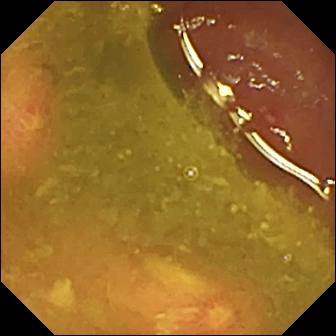WCE image showing ulcer.